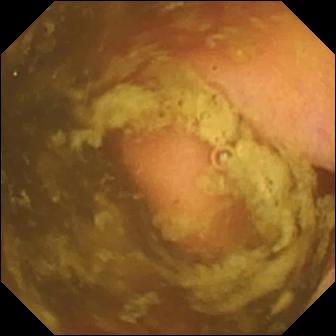This wireless capsule endoscopy frame was taken in the ileo-cecal valve region (the transition from the small bowel to the large bowel).